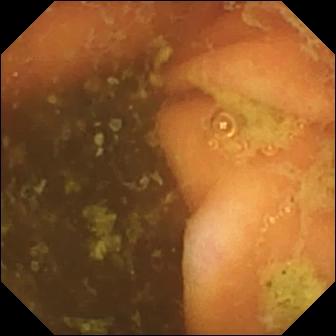modality: small-bowel capsule endoscopy
category: anatomical landmark
label: ileo-cecal valve region